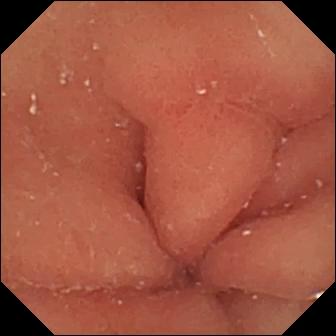VCE still showing erosion.